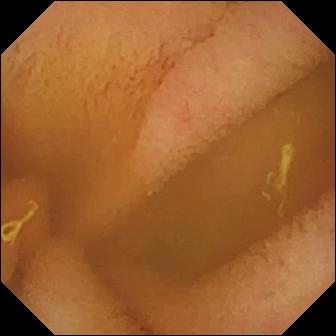Video capsule endoscopy snapshot
Impression: normal clean mucosa